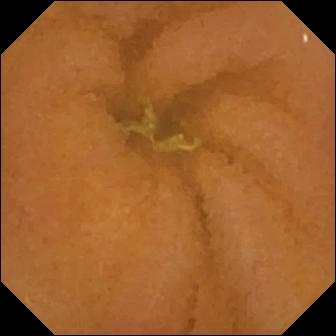modality: WCE | label: normal clean mucosa